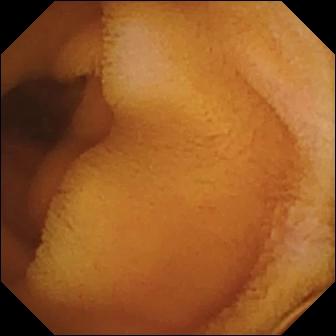Video capsule endoscopy — normal clean mucosa.